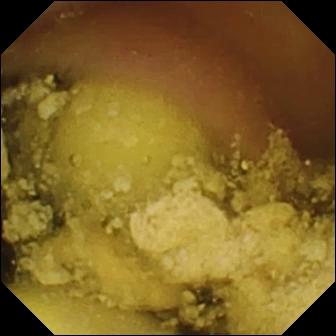Video capsule endoscopy view showing foreign body (e.g. retained capsule, tablet residue).